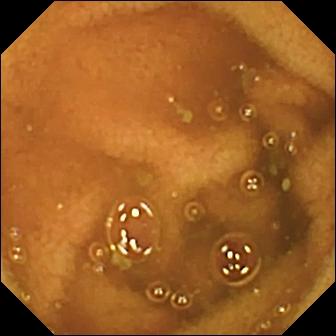VCE. Small intestine. Observation: normal clean mucosa.